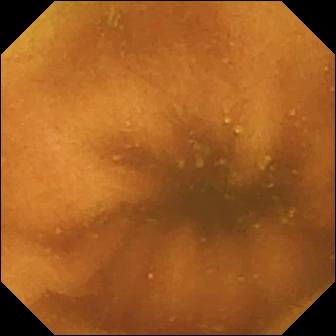{"modality": "small-bowel capsule endoscopy", "segment": "small intestine", "finding": "normal clean mucosa"}